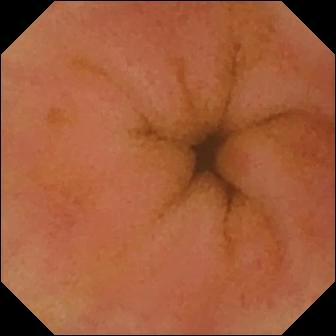WCE still showing erythema (mucosal redness).